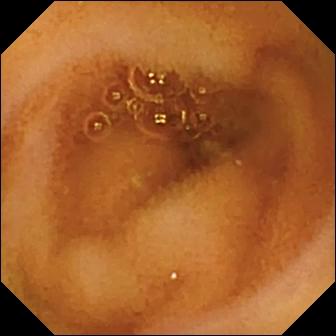- modality: small-bowel capsule endoscopy
- segment: small bowel
- impression: normal clean mucosa